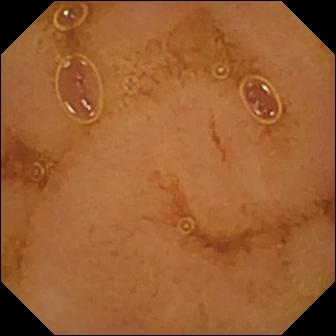Q: What does this WCE image show?
A: Normal clean mucosa.